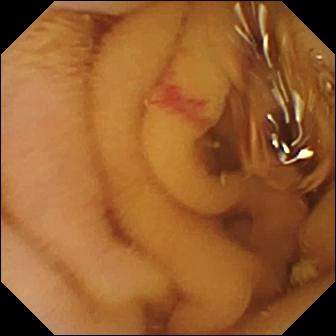WCE image showing angiectasia.